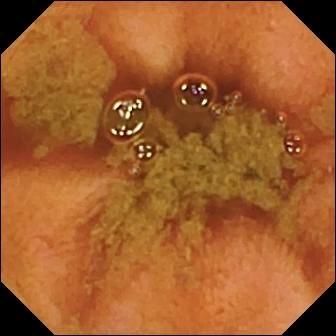VCE — ileo-cecal valve region (the transition from the small bowel to the large bowel).